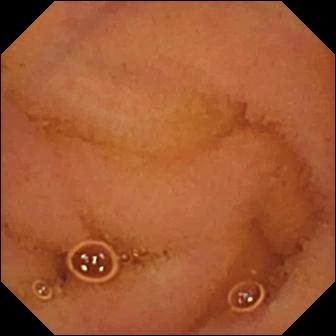This video capsule endoscopy frame shows normal clean mucosa.